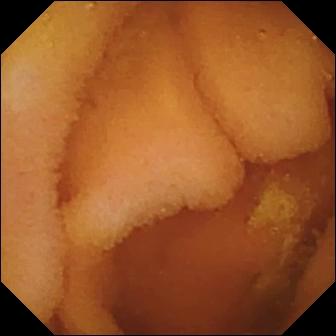{"modality": "wireless capsule endoscopy", "segment": "small intestine", "category": "luminal finding", "finding": "normal clean mucosa"}